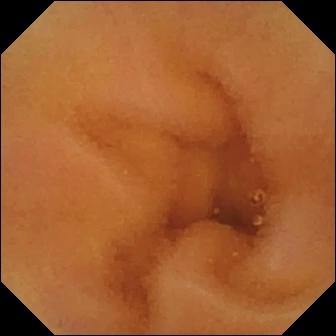WCE — normal clean mucosa.